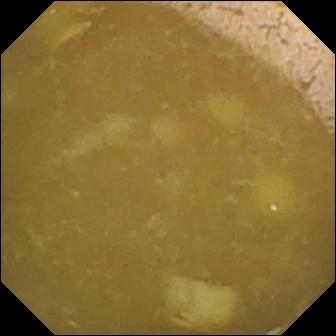Wireless capsule endoscopy snapshot. Taken in the ileo-cecal valve region.